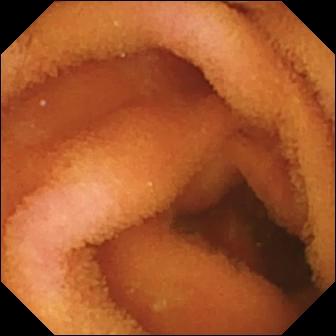VCE — normal clean mucosa.